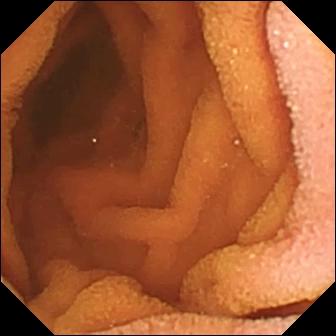- modality: video capsule endoscopy
- label: normal clean mucosa